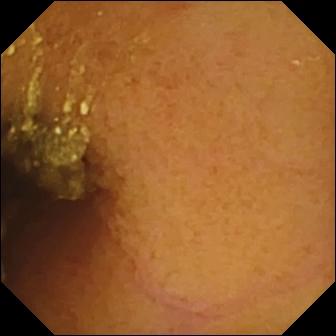Small-bowel capsule endoscopy. Label: normal clean mucosa.